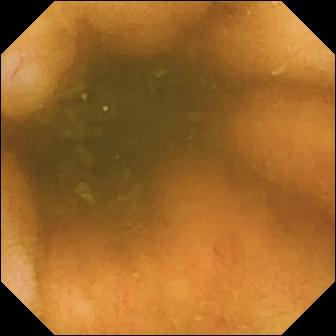Ileo-cecal valve region.